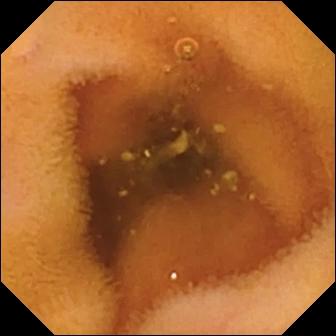Small-bowel capsule endoscopy image. Normal clean mucosa.